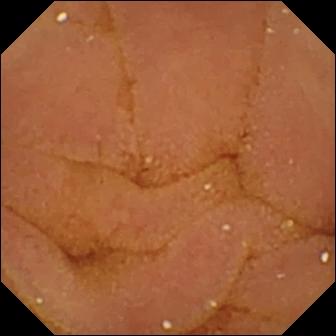{"modality": "video capsule endoscopy", "finding": "normal clean mucosa"}